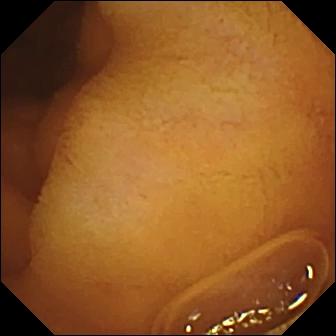Video capsule endoscopy — normal clean mucosa.